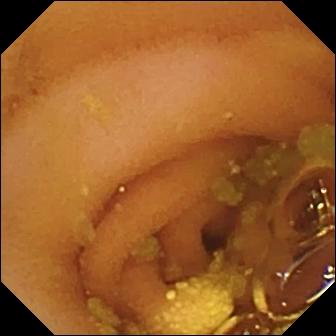- modality: wireless capsule endoscopy
- label: lymphangiectasia